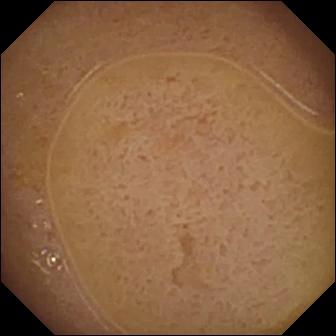Ileo-cecal valve region (where the capsule passes from the small bowel into the large bowel).